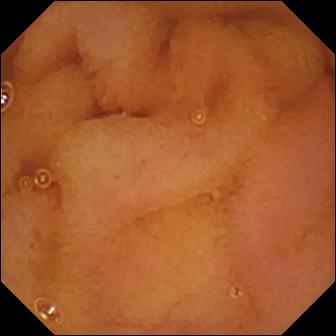{"modality": "video capsule endoscopy", "finding": "normal clean mucosa"}